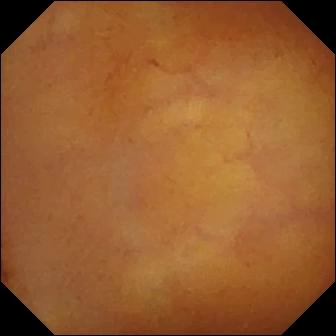modality: WCE | segment: small bowel | finding: normal clean mucosa